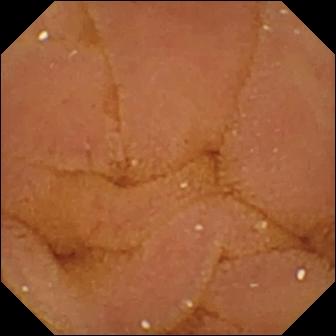Wireless capsule endoscopy — normal clean mucosa.